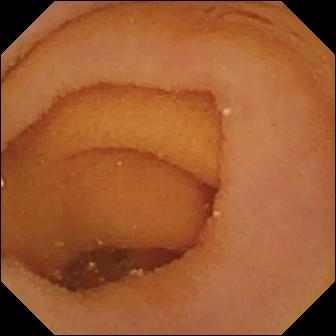- modality: video capsule endoscopy
- category: anatomical landmark
- location: pylorus region (where the capsule passes from the stomach into the small bowel)